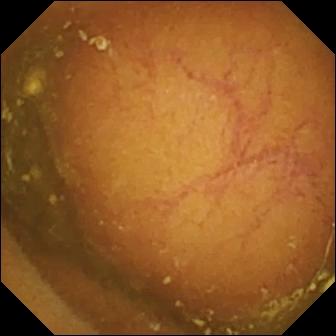Q: Where in the digestive tract was this VCE view taken?
A: Ileo-cecal valve region (where the capsule passes from the small bowel into the large bowel).